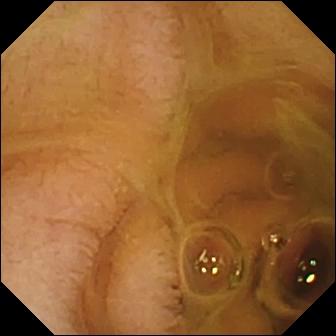Wireless capsule endoscopy snapshot (small intestine). Normal clean mucosa.